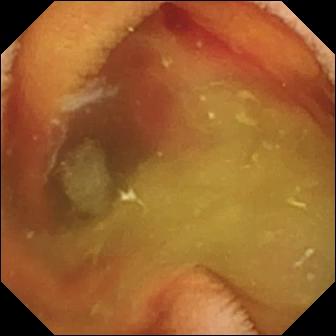Small-bowel capsule endoscopy — fresh blood in the lumen.